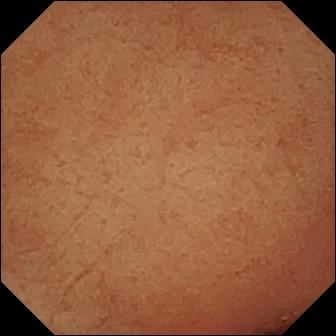Video capsule endoscopy still taken in the pylorus region.